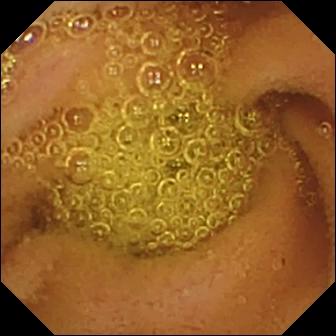This wireless capsule endoscopy frame shows normal clean mucosa.